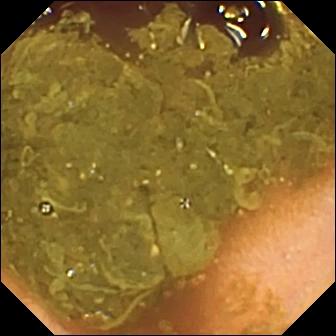PROCEDURE: Capsule endoscopy.
VIDEO SEGMENT: Ileo-cecal valve region (the transition from the small bowel to the large bowel).